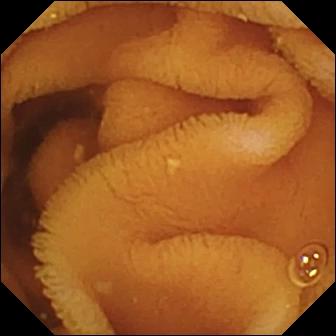VCE snapshot, small bowel
Observation: normal clean mucosa